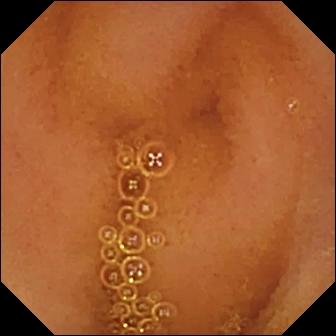Capsule endoscopy view, small bowel
Label: normal clean mucosa